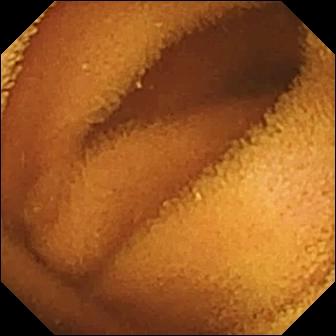Normal clean mucosa.